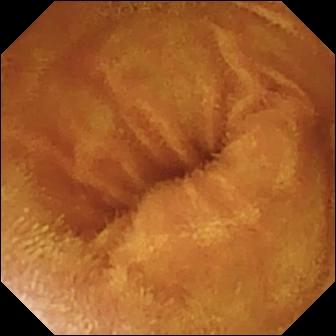Normal clean mucosa — WCE still.